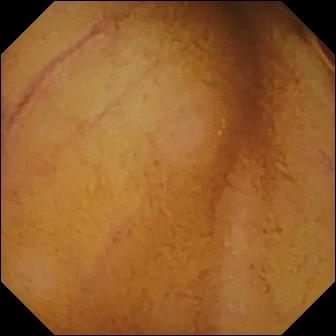- modality: capsule endoscopy
- segment: small intestine
- impression: normal clean mucosa